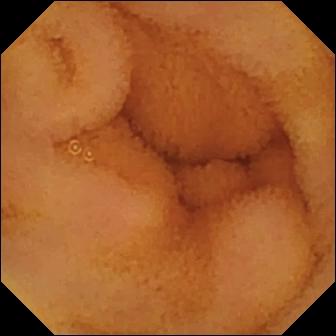Normal clean mucosa — video capsule endoscopy view of the small bowel.